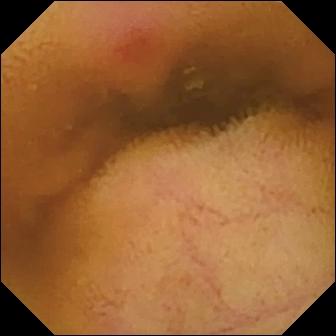Small-bowel capsule endoscopy. Luminal finding. Finding: erythema (mucosal redness).